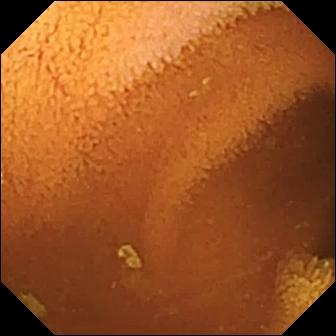- modality: VCE
- category: luminal finding
- impression: normal clean mucosa